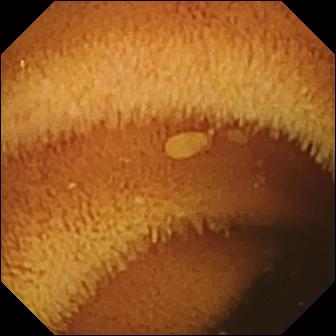Video capsule endoscopy view, small intestine
Label: normal clean mucosa